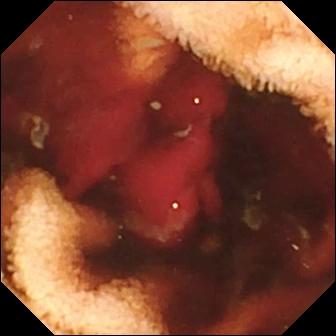- modality: small-bowel capsule endoscopy
- label: fresh blood in the lumen